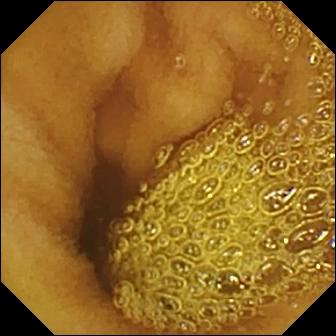- modality: WCE
- category: luminal finding
- observation: normal clean mucosa